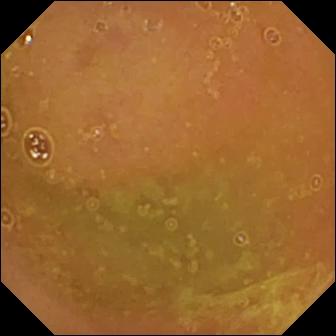Normal clean mucosa — wireless capsule endoscopy snapshot of the small intestine.